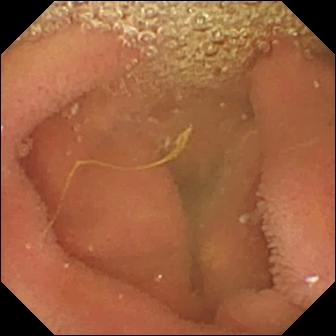Small-bowel capsule endoscopy view, 336×336. Lymphangiectasia.